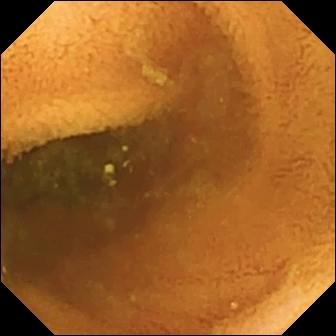- modality: video capsule endoscopy
- segment: small intestine
- category: luminal finding
- finding: normal clean mucosa